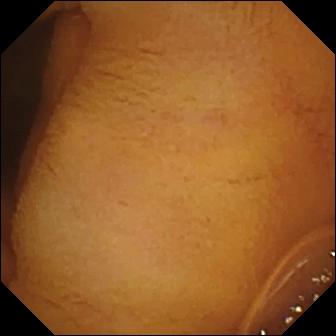modality: small-bowel capsule endoscopy; category: luminal finding; finding: normal clean mucosa